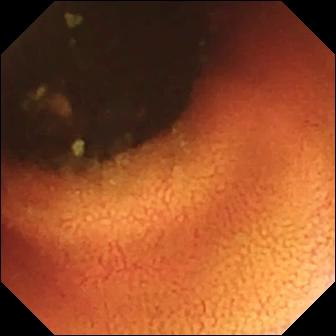Small-bowel capsule endoscopy. Near an anatomical landmark. Video segment: ileo-cecal valve region.